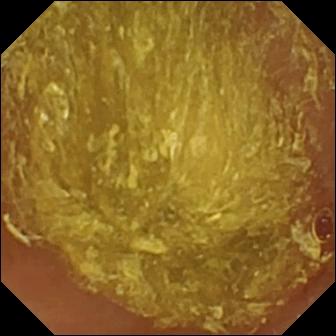Small-bowel capsule endoscopy snapshot
Impression: reduced mucosal view (content or bubbles obscuring the mucosa)